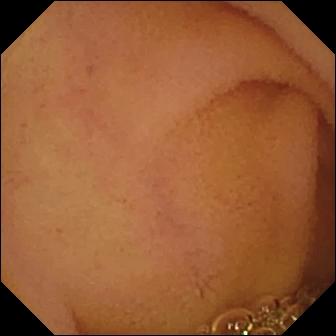- modality: VCE
- segment: small intestine
- impression: normal clean mucosa